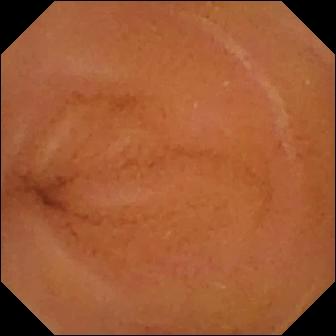- modality: VCE
- segment: small intestine
- finding: normal clean mucosa